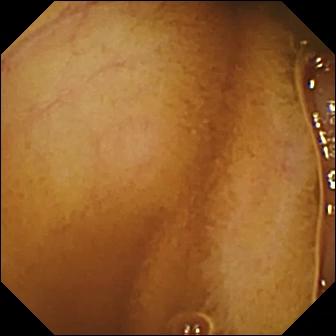This VCE image of the small bowel shows normal clean mucosa.